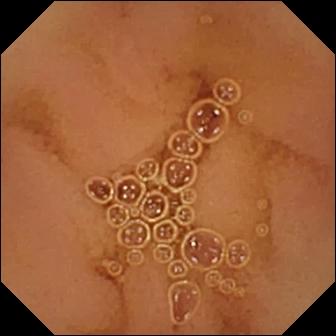Normal clean mucosa — VCE frame of the small intestine.